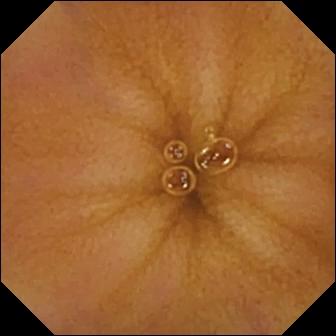Normal clean mucosa — video capsule endoscopy image of the small intestine.